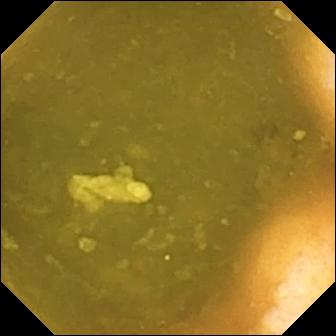PROCEDURE: Video capsule endoscopy.
LOCATION: Ileo-cecal valve region (where the capsule passes from the small bowel into the large bowel).